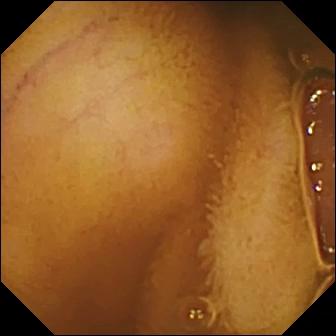PROCEDURE: Wireless capsule endoscopy.
FINDINGS: Normal clean mucosa.